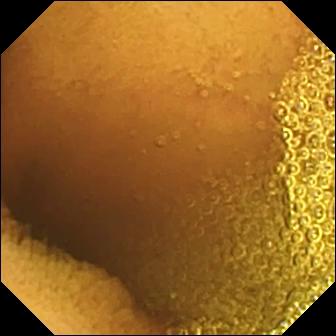WCE. Small intestine. Finding: normal clean mucosa.